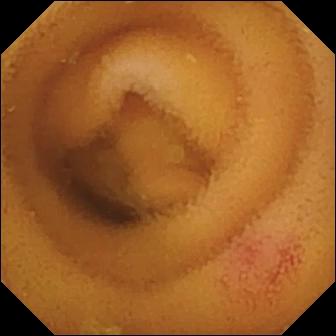Angiectasia.